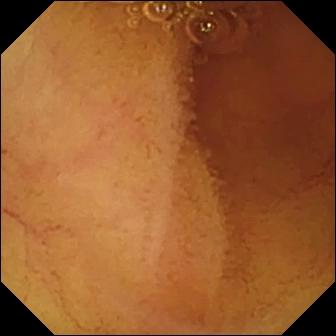Normal clean mucosa — WCE snapshot.